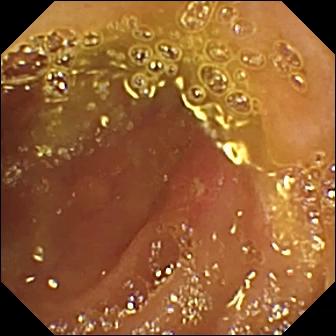Wireless capsule endoscopy. Luminal finding. Finding: ulcer.